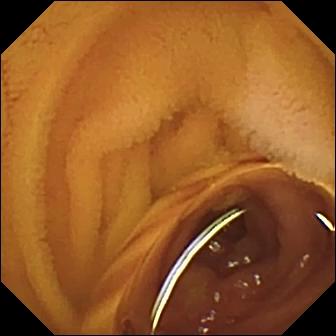Video capsule endoscopy snapshot (small intestine). Normal clean mucosa.